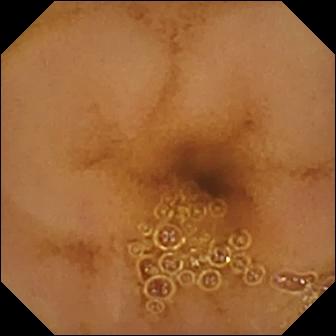Normal clean mucosa.